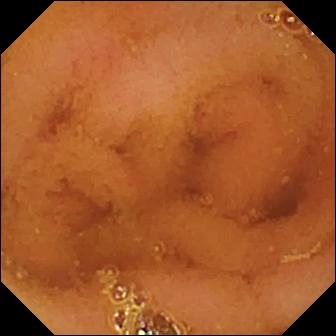This VCE view shows normal clean mucosa.